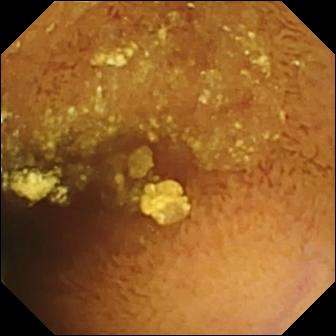modality: capsule endoscopy; observation: normal clean mucosa